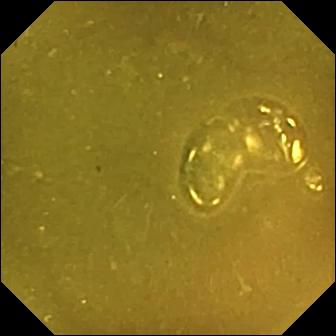modality: WCE
category: anatomical landmark
video segment: ileo-cecal valve region (where the capsule passes from the small bowel into the large bowel)